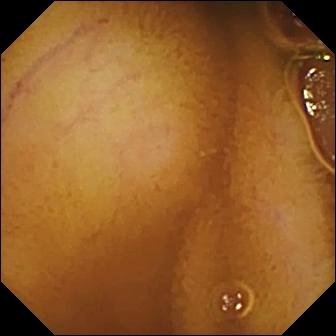WCE still of the small intestine showing normal clean mucosa.